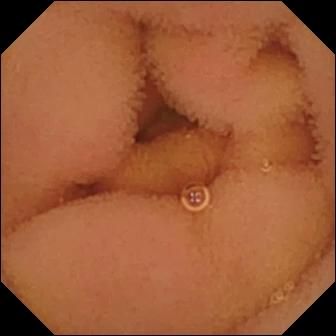WCE snapshot
Impression: normal clean mucosa